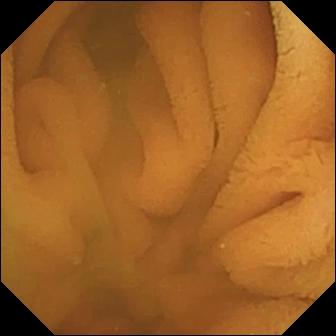Capsule endoscopy view (small intestine), 336×336. Normal clean mucosa.